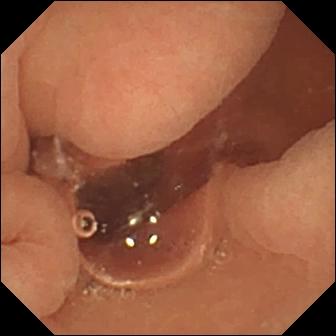Normal clean mucosa (336×336).